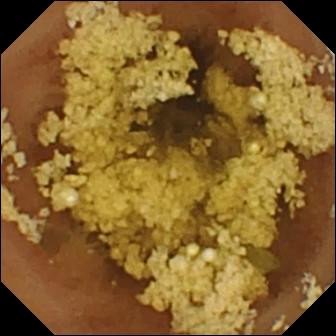Wireless capsule endoscopy image, 336×336. Normal clean mucosa.